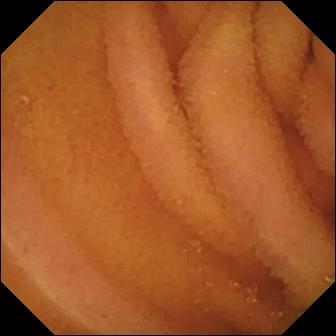Normal clean mucosa — video capsule endoscopy snapshot of the small bowel.